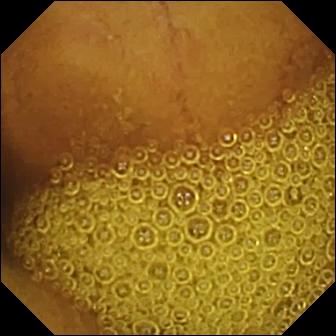PROCEDURE: Small-bowel capsule endoscopy.
FINDINGS: Normal clean mucosa.